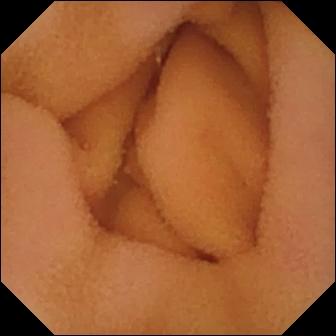WCE frame, small intestine
Impression: normal clean mucosa